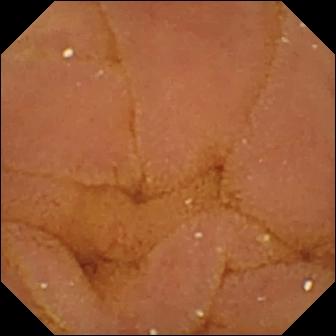modality: small-bowel capsule endoscopy; finding: normal clean mucosa